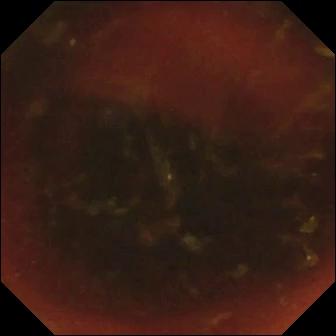modality: VCE; video segment: ileo-cecal valve region (where the capsule passes from the small bowel into the large bowel)